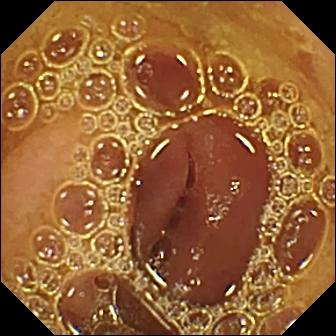modality: video capsule endoscopy | impression: normal clean mucosa